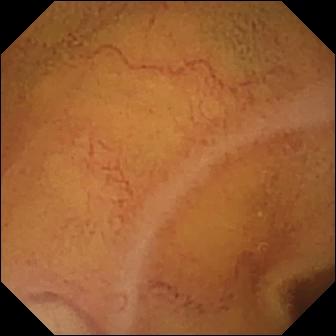Normal clean mucosa (336×336).